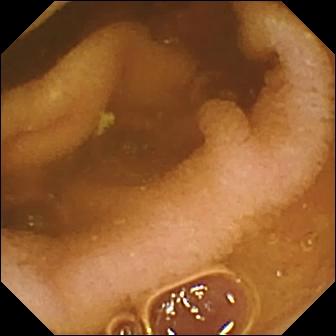- modality: small-bowel capsule endoscopy
- segment: small bowel
- impression: normal clean mucosa